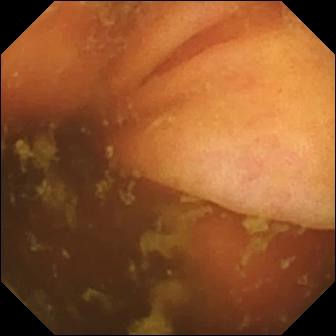PROCEDURE: Video capsule endoscopy.
POSITION: Ileo-cecal valve region.